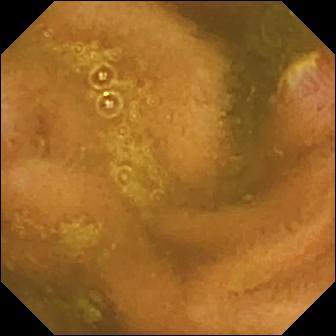This VCE view shows ulcer.